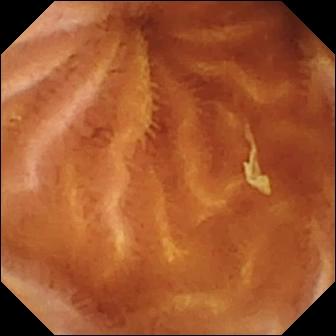Video capsule endoscopy frame. Normal clean mucosa.